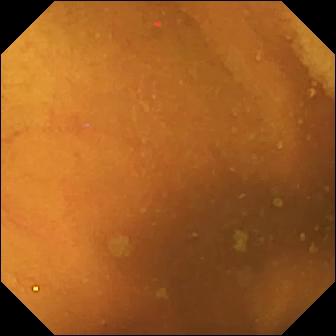This small-bowel capsule endoscopy image of the small intestine shows normal clean mucosa.